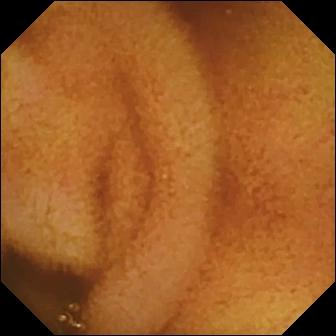Small-bowel capsule endoscopy view, 336×336. Normal clean mucosa.